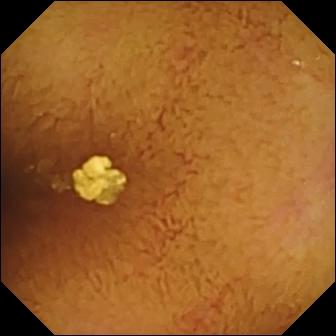- modality: WCE
- observation: normal clean mucosa